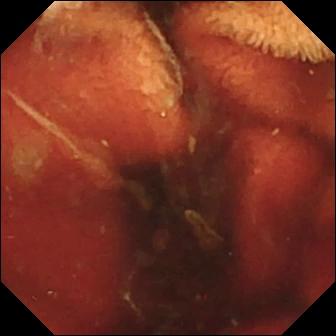Video capsule endoscopy snapshot showing fresh blood in the lumen.